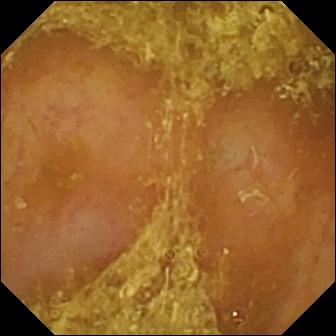Wireless capsule endoscopy frame showing reduced mucosal view (content or bubbles obscuring the mucosa).